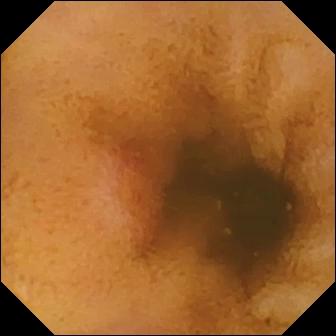Video capsule endoscopy view
Finding: erosion